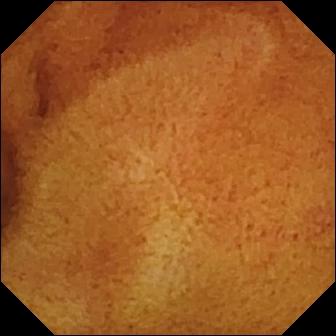This capsule endoscopy still of the small intestine shows normal clean mucosa.